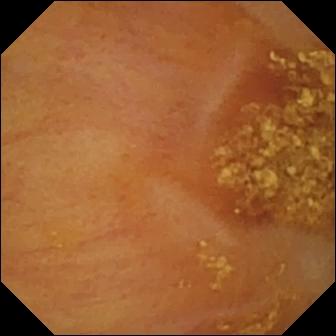Wireless capsule endoscopy snapshot. Taken in the ileo-cecal valve region (the transition from the small bowel to the large bowel).